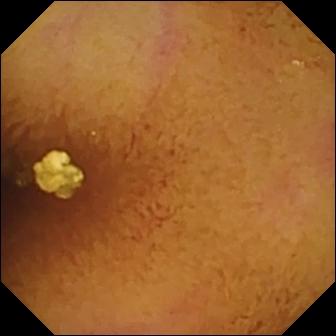modality: WCE | segment: small intestine | observation: normal clean mucosa